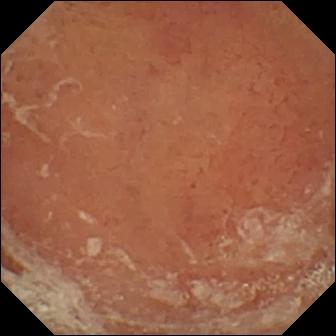PROCEDURE: Small-bowel capsule endoscopy.
VIDEO SEGMENT: Pylorus region (where the capsule passes from the stomach into the small bowel).